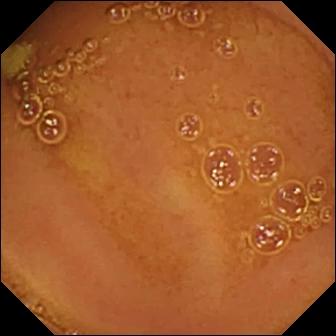Normal clean mucosa.